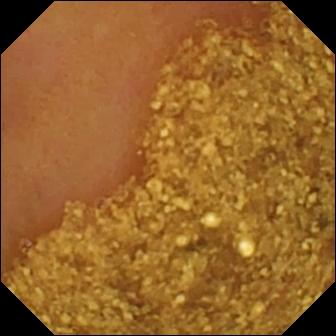- modality: wireless capsule endoscopy
- category: anatomical landmark
- position: ileo-cecal valve region